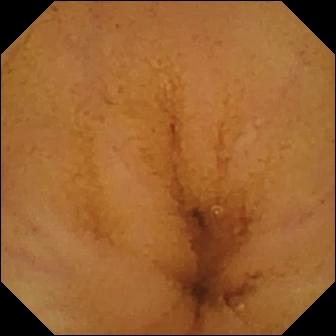modality: WCE
segment: small bowel
finding: normal clean mucosa